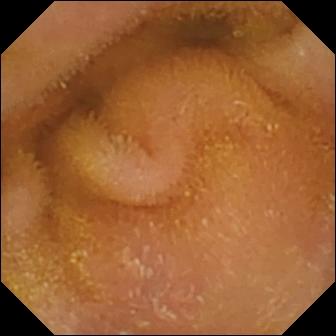Capsule endoscopy. Small bowel. Luminal finding. Label: normal clean mucosa.